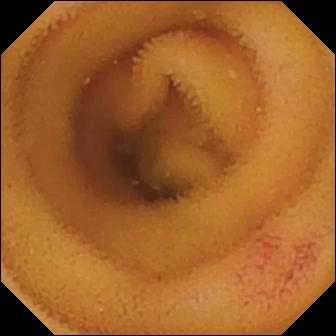Angiectasia — small-bowel capsule endoscopy still.